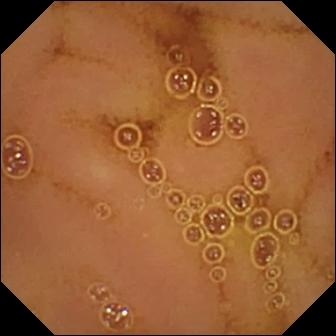{"modality": "small-bowel capsule endoscopy", "segment": "small intestine", "finding": "normal clean mucosa"}